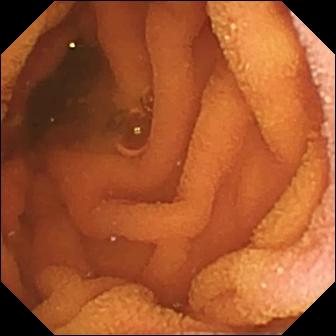Q: What does this video capsule endoscopy frame show?
A: Normal clean mucosa.